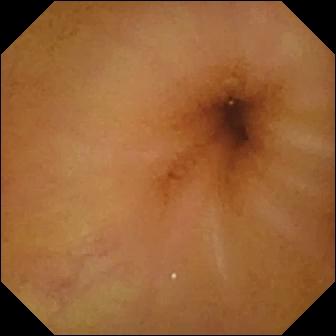Q: What does this wireless capsule endoscopy snapshot show?
A: Normal clean mucosa.